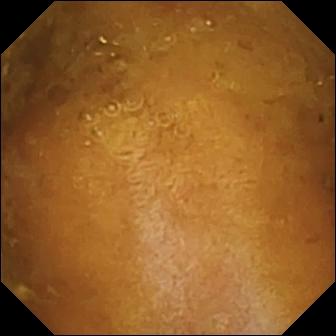- modality: VCE
- segment: small bowel
- category: luminal finding
- finding: reduced mucosal view (content or bubbles obscuring the mucosa)